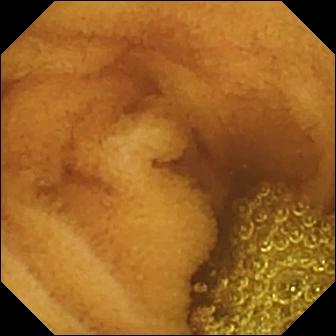Video capsule endoscopy — normal clean mucosa.